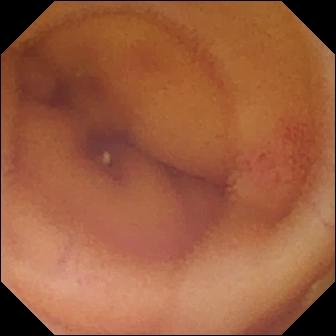Capsule endoscopy snapshot showing angiectasia.